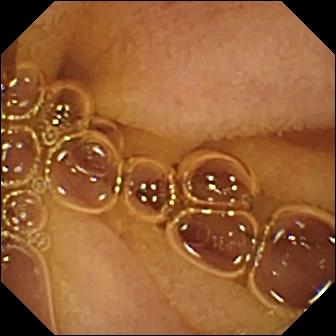PROCEDURE: Video capsule endoscopy.
FINDINGS: Normal clean mucosa.